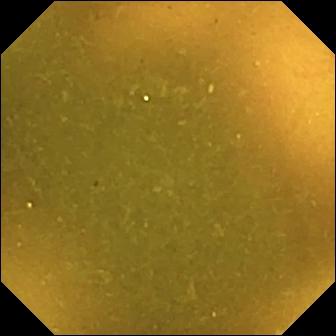VCE frame taken in the ileo-cecal valve region (where the capsule passes from the small bowel into the large bowel).